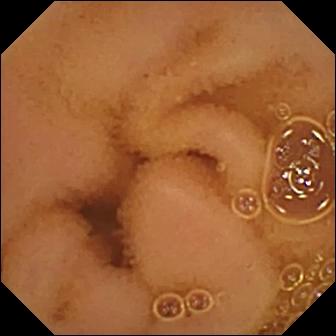modality: capsule endoscopy; segment: small intestine; observation: normal clean mucosa